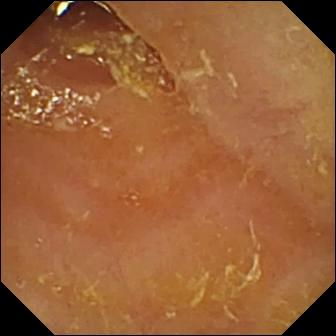Reduced mucosal view (content or bubbles obscuring the mucosa) — VCE still of the small bowel.